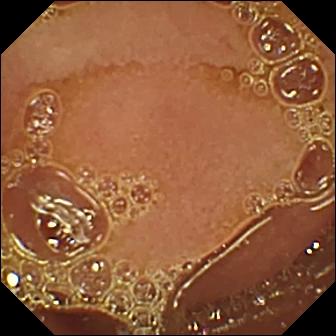PROCEDURE: Wireless capsule endoscopy.
SEGMENT: Small intestine.
FINDINGS: Normal clean mucosa.